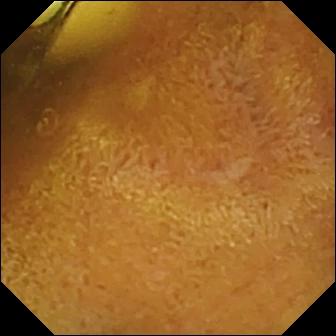Wireless capsule endoscopy. Impression: foreign body (e.g. retained capsule, tablet residue).